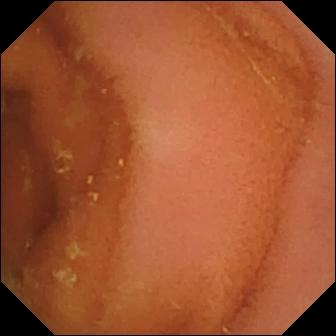Q: What does this video capsule endoscopy still show?
A: Normal clean mucosa.